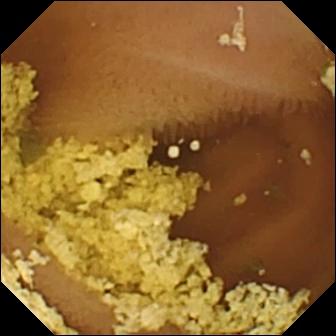Normal clean mucosa — VCE snapshot.